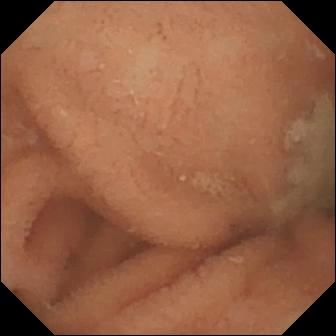WCE image showing normal clean mucosa.